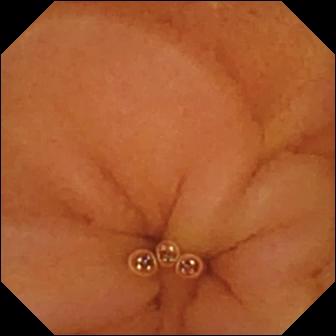Wireless capsule endoscopy — normal clean mucosa.